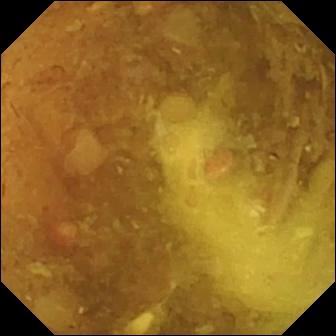Q: What does this capsule endoscopy snapshot of the small intestine show?
A: Reduced mucosal view (content or bubbles obscuring the mucosa).